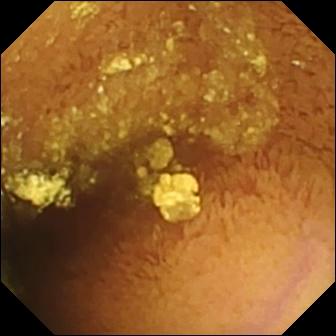Wireless capsule endoscopy view. Normal clean mucosa.